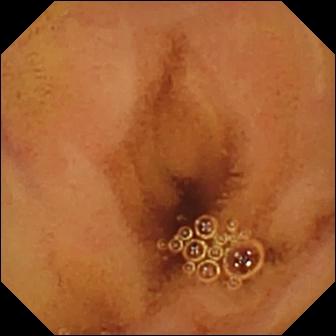This capsule endoscopy snapshot of the small intestine shows normal clean mucosa.